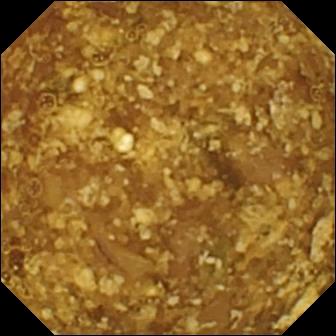VCE. Small bowel. Luminal finding. Label: reduced mucosal view (content or bubbles obscuring the mucosa).